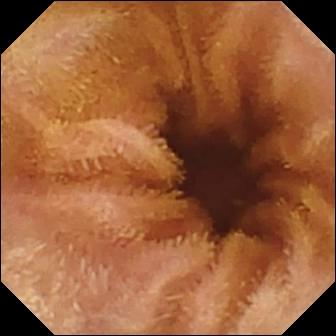Normal clean mucosa — wireless capsule endoscopy still.